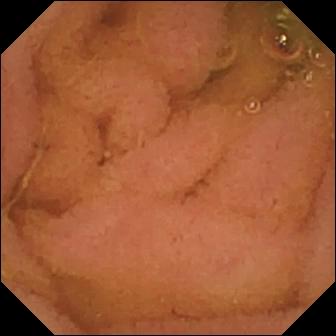This wireless capsule endoscopy snapshot of the small intestine shows normal clean mucosa.